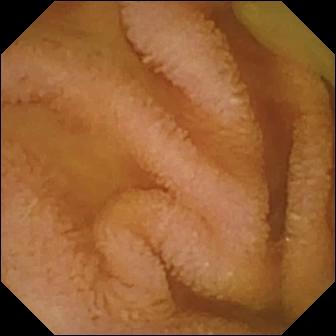Normal clean mucosa — VCE image of the small bowel.